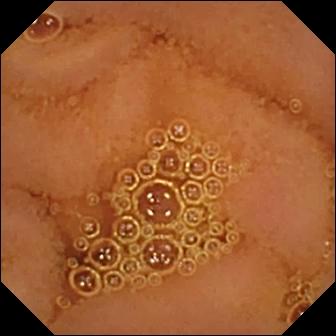Normal clean mucosa — small-bowel capsule endoscopy view.